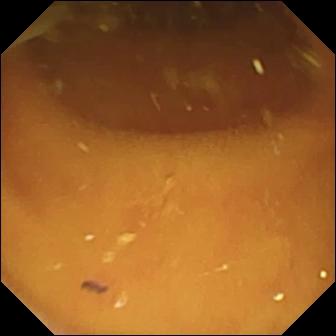PROCEDURE: Wireless capsule endoscopy.
VIDEO SEGMENT: Pylorus region (the junction between the stomach and the small bowel).